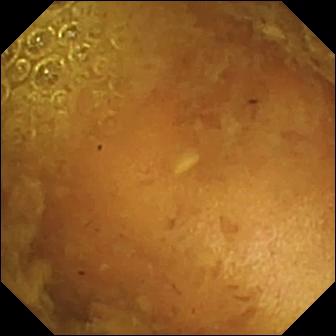PROCEDURE: WCE.
FINDINGS: Reduced mucosal view (content or bubbles obscuring the mucosa).